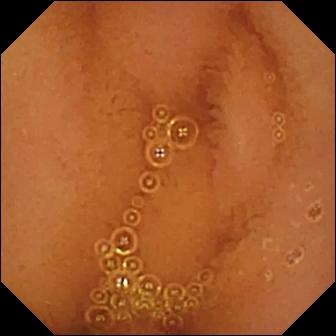Q: What does this capsule endoscopy still show?
A: Normal clean mucosa.